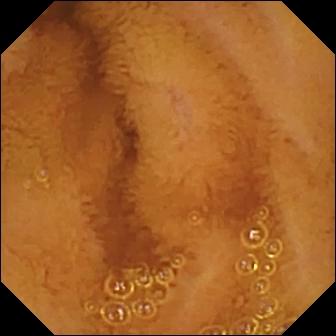- modality: wireless capsule endoscopy
- category: luminal finding
- label: normal clean mucosa